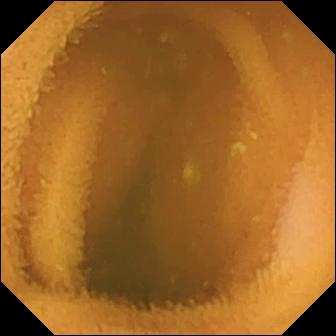This small-bowel capsule endoscopy still shows normal clean mucosa.